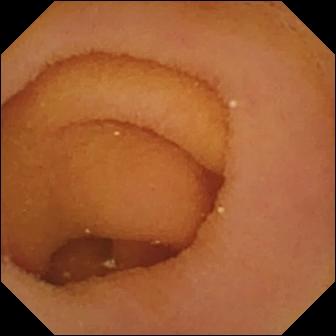Capsule endoscopy. Video segment: pylorus region (the junction between the stomach and the small bowel).